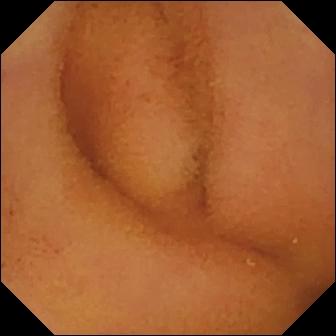WCE frame. Normal clean mucosa.